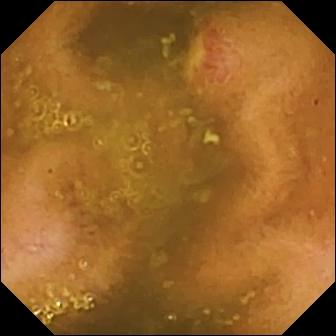Video capsule endoscopy image
Finding: ulcer